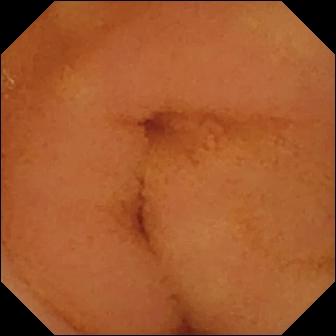Normal clean mucosa (336×336).